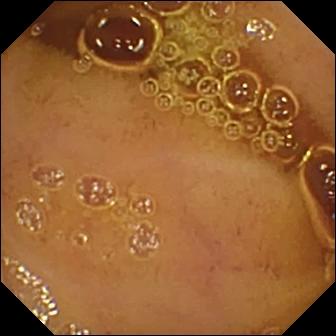Small-bowel capsule endoscopy — normal clean mucosa.